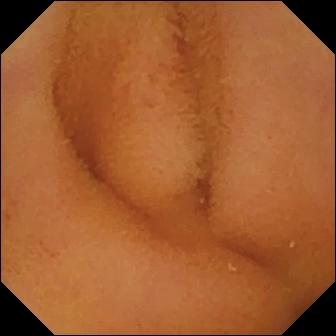{"modality": "wireless capsule endoscopy", "finding": "normal clean mucosa"}